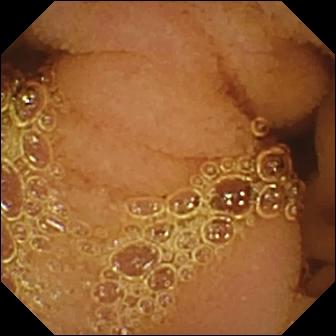Small-bowel capsule endoscopy view
Observation: normal clean mucosa